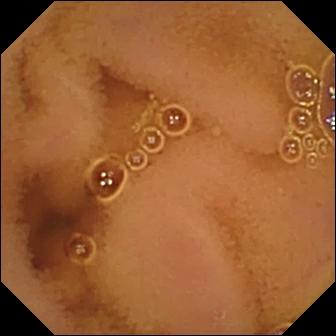This small-bowel capsule endoscopy still shows normal clean mucosa.